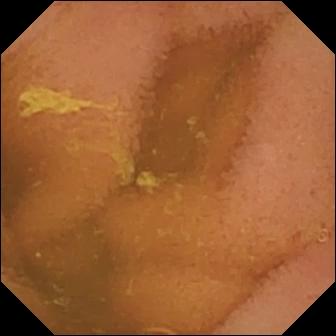{"modality": "WCE", "finding": "normal clean mucosa"}